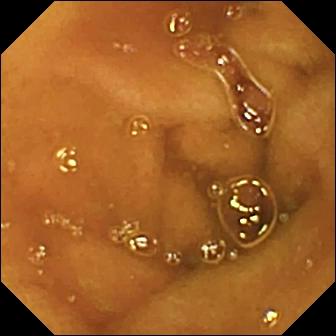WCE frame of the small intestine showing normal clean mucosa.